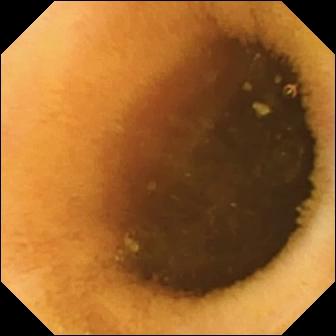Q: What does this small-bowel capsule endoscopy view show?
A: Normal clean mucosa.